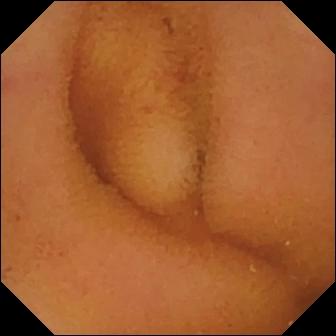- modality: WCE
- category: luminal finding
- impression: normal clean mucosa